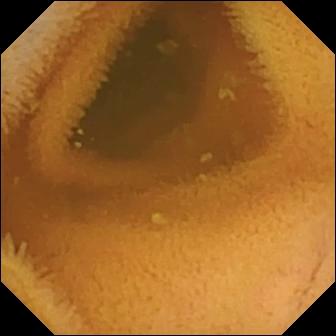Capsule endoscopy view
Observation: normal clean mucosa